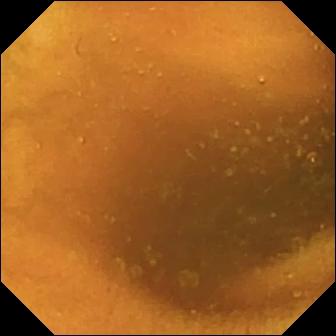- modality: video capsule endoscopy
- category: luminal finding
- finding: normal clean mucosa